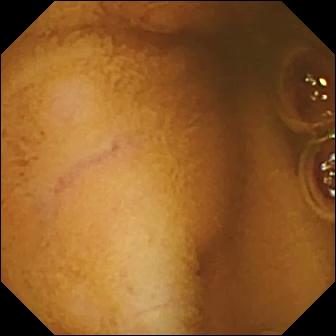PROCEDURE: WCE.
SEGMENT: Small intestine.
FINDINGS: Normal clean mucosa.